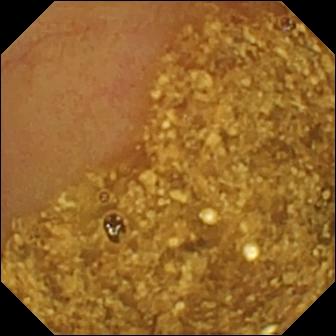VCE — ileo-cecal valve region.